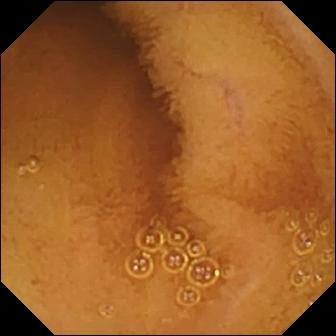Normal clean mucosa.